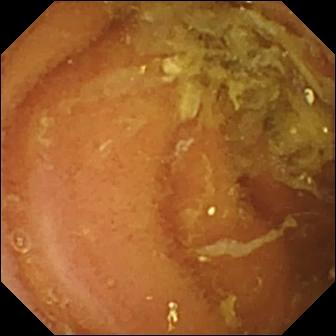- modality: small-bowel capsule endoscopy
- segment: small intestine
- impression: normal clean mucosa